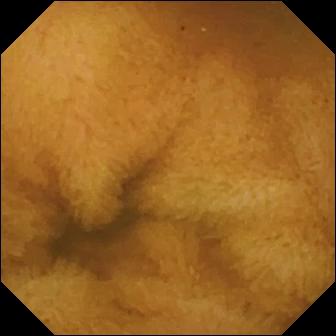Wireless capsule endoscopy frame, small intestine
Finding: normal clean mucosa